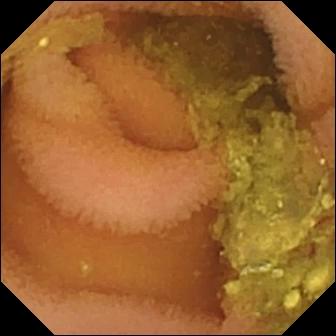This video capsule endoscopy snapshot shows normal clean mucosa.